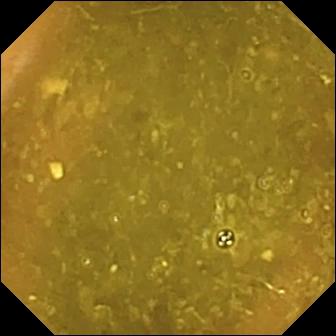Ileo-cecal valve region (where the capsule passes from the small bowel into the large bowel) — wireless capsule endoscopy frame.